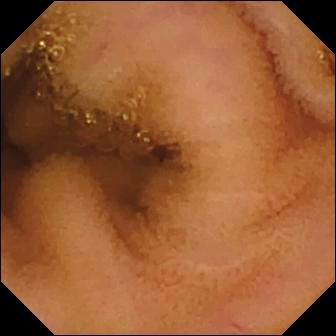Video capsule endoscopy. Observation: normal clean mucosa.